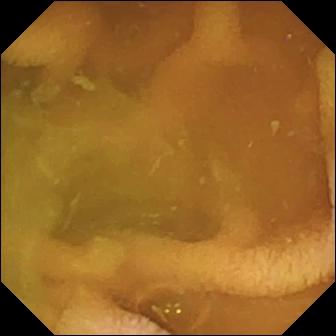Normal clean mucosa — wireless capsule endoscopy still.